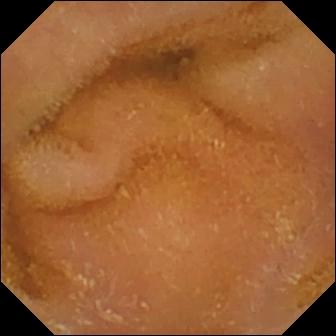Video capsule endoscopy — normal clean mucosa.